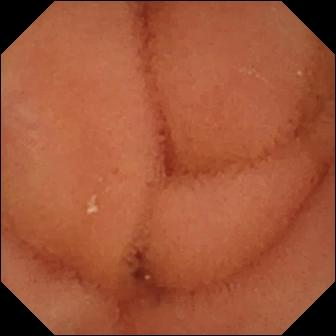WCE snapshot
Observation: normal clean mucosa